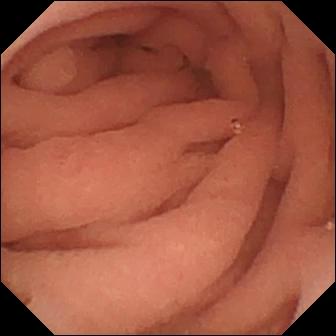modality: small-bowel capsule endoscopy; label: pylorus region (where the capsule passes from the stomach into the small bowel)